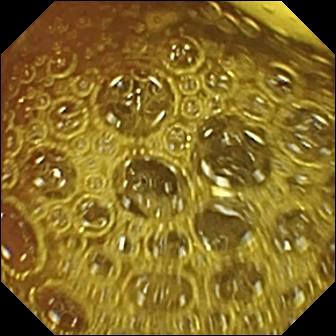Foreign body (e.g. retained capsule, tablet residue).